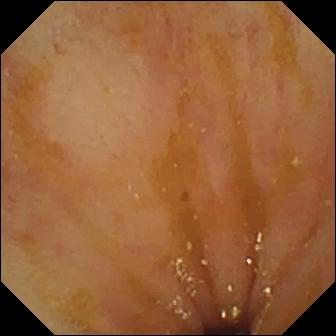PROCEDURE: Wireless capsule endoscopy.
VIDEO SEGMENT: Ileo-cecal valve region (where the capsule passes from the small bowel into the large bowel).